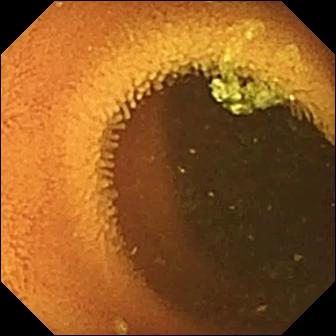- modality: wireless capsule endoscopy
- impression: normal clean mucosa